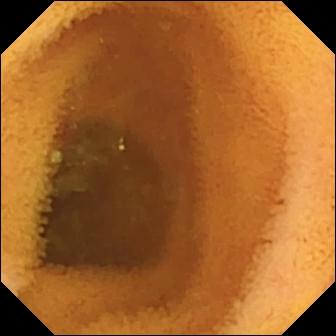Wireless capsule endoscopy. Luminal finding. Finding: normal clean mucosa.